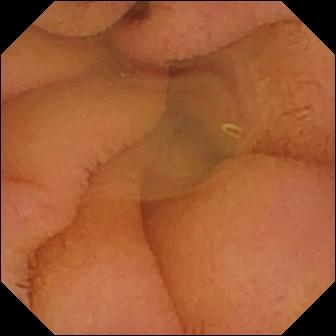Small-bowel capsule endoscopy. Small bowel. Impression: normal clean mucosa.